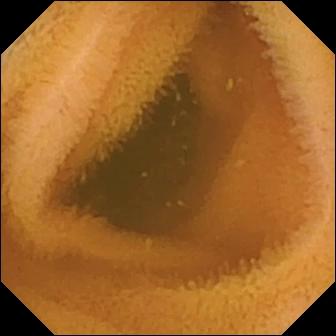Normal clean mucosa.